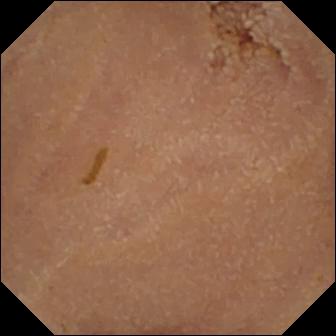modality: small-bowel capsule endoscopy | segment: small bowel | impression: normal clean mucosa